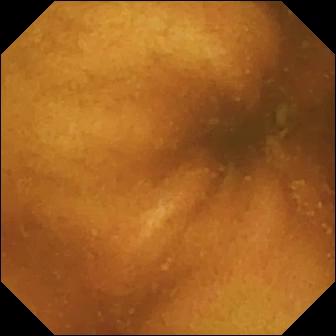Video capsule endoscopy view
Observation: normal clean mucosa